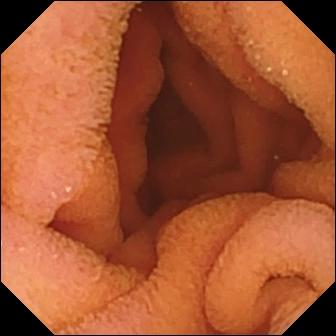Normal clean mucosa — wireless capsule endoscopy still of the small bowel.